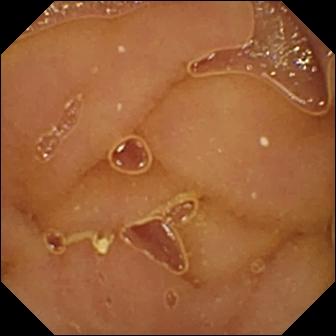Small-bowel capsule endoscopy — normal clean mucosa.